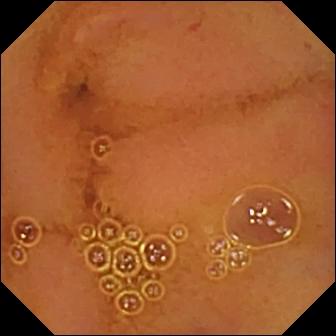Normal clean mucosa.